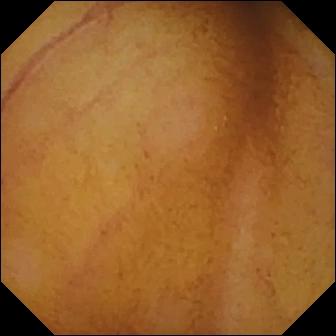Q: What does this wireless capsule endoscopy still of the small intestine show?
A: Normal clean mucosa.